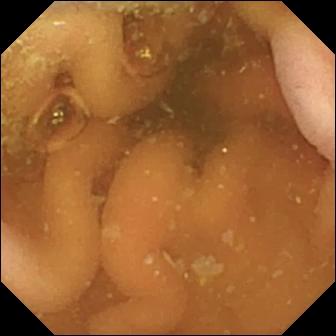WCE. Near an anatomical landmark. Position: pylorus region (where the capsule passes from the stomach into the small bowel).